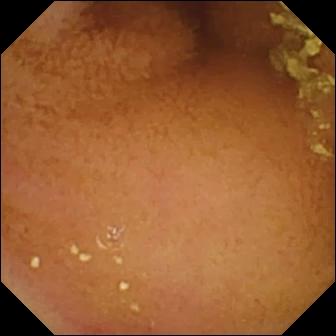modality: capsule endoscopy; segment: small intestine; category: luminal finding; finding: normal clean mucosa